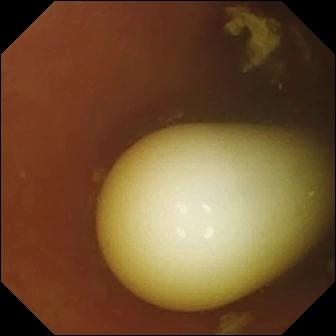Foreign body (e.g. retained capsule, tablet residue).